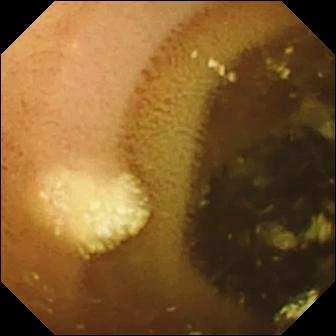Small-bowel capsule endoscopy. Observation: lymphangiectasia.